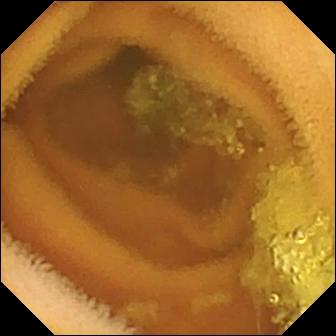Normal clean mucosa.